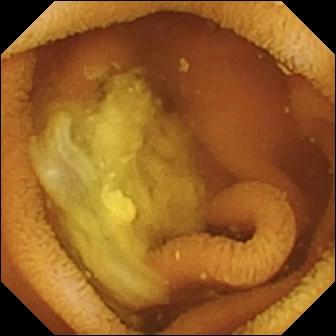Normal clean mucosa (336×336).